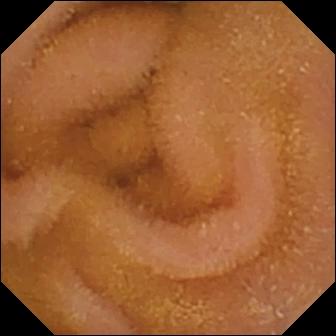Wireless capsule endoscopy still (small bowel). Normal clean mucosa.